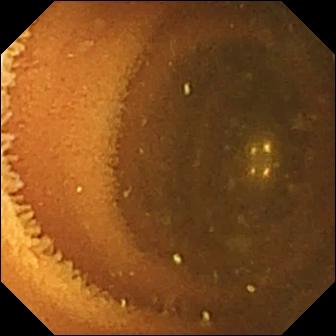modality: wireless capsule endoscopy; segment: small intestine; impression: normal clean mucosa